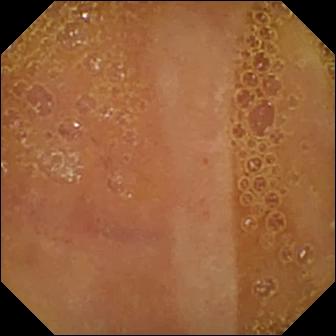VCE still of the small bowel showing normal clean mucosa.